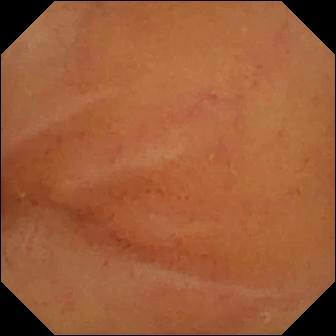Q: What does this video capsule endoscopy snapshot of the small bowel show?
A: Normal clean mucosa.